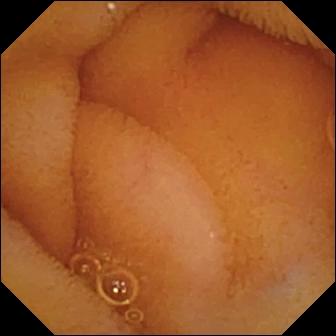PROCEDURE: Small-bowel capsule endoscopy.
SEGMENT: Small bowel.
FINDINGS: Normal clean mucosa.